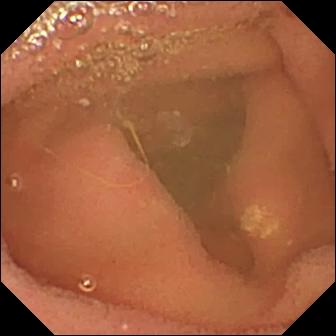Capsule endoscopy still showing lymphangiectasia.